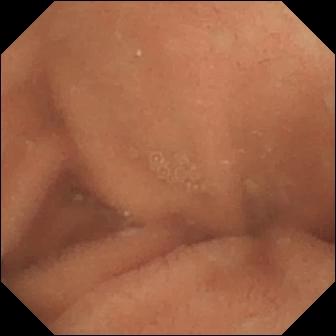WCE frame (small intestine). Normal clean mucosa.